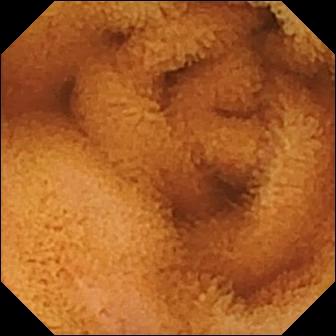- modality: video capsule endoscopy
- finding: normal clean mucosa